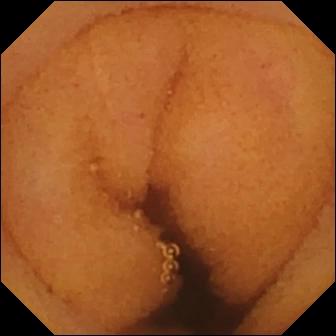modality: small-bowel capsule endoscopy | segment: small intestine | label: normal clean mucosa